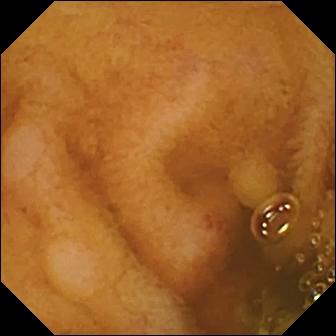Erosion.